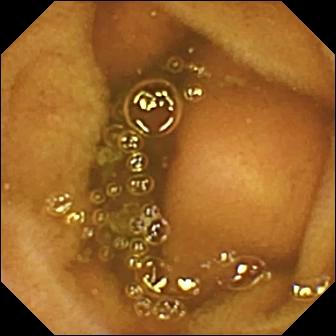{"modality": "WCE", "finding": "normal clean mucosa"}